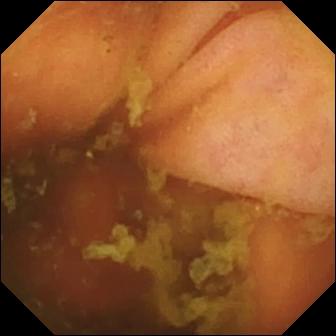Ileo-cecal valve region — WCE image.